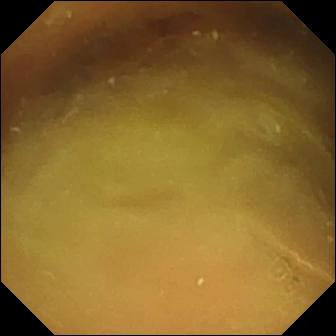Normal clean mucosa — VCE snapshot.